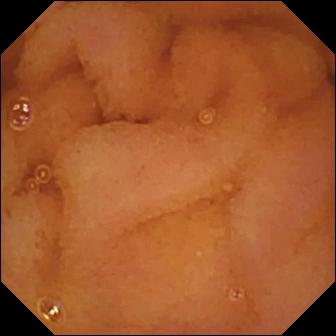This video capsule endoscopy still shows normal clean mucosa.